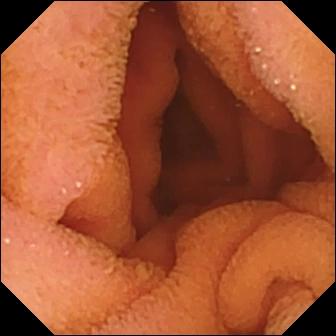Q: What does this WCE image show?
A: Normal clean mucosa.